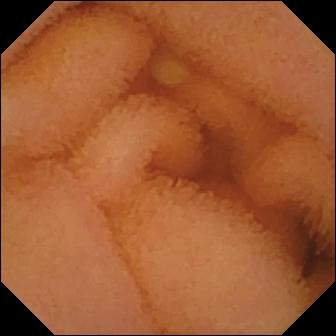Small-bowel capsule endoscopy frame. Normal clean mucosa.